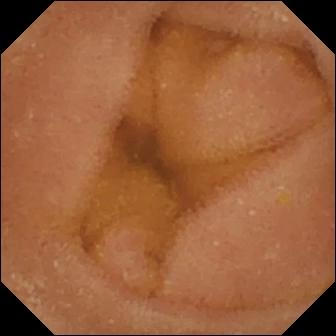{"modality": "wireless capsule endoscopy", "segment": "small bowel", "finding": "normal clean mucosa"}